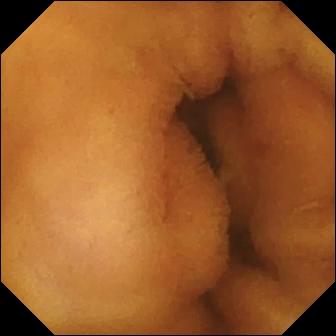This wireless capsule endoscopy still shows normal clean mucosa.